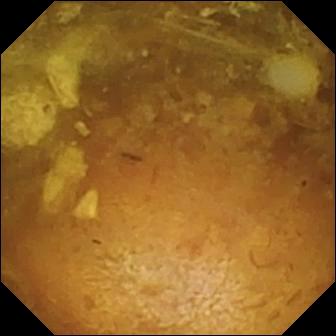- modality: small-bowel capsule endoscopy
- label: reduced mucosal view (content or bubbles obscuring the mucosa)